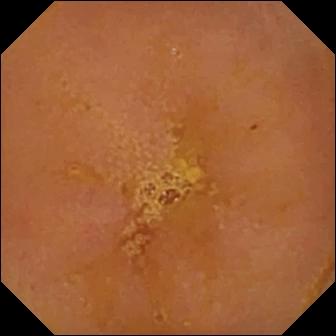WCE view showing reduced mucosal view (content or bubbles obscuring the mucosa).